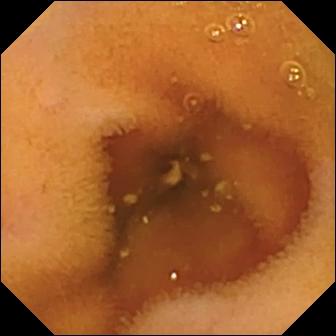Capsule endoscopy image (small bowel). Normal clean mucosa.